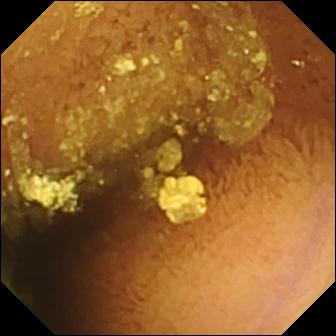Capsule endoscopy frame
Label: normal clean mucosa